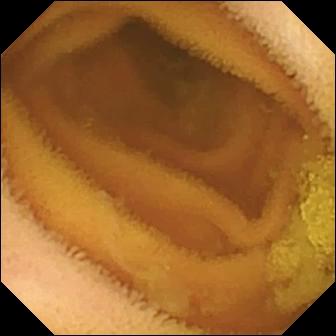Q: What does this VCE frame show?
A: Normal clean mucosa.